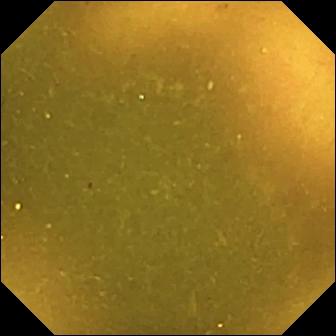PROCEDURE: Small-bowel capsule endoscopy.
POSITION: Ileo-cecal valve region (the transition from the small bowel to the large bowel).